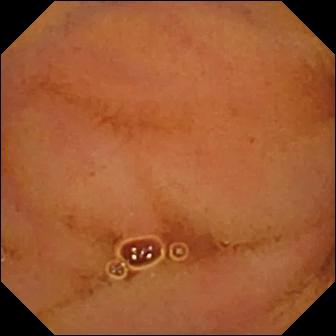Video capsule endoscopy. Small bowel. Observation: normal clean mucosa.